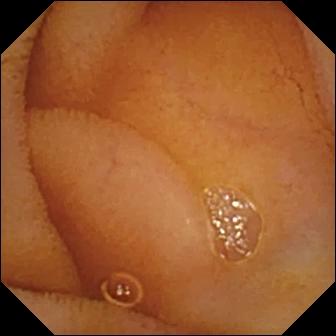Normal clean mucosa.